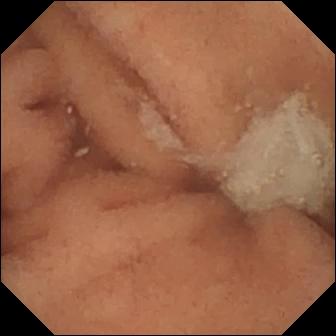modality: WCE
label: normal clean mucosa